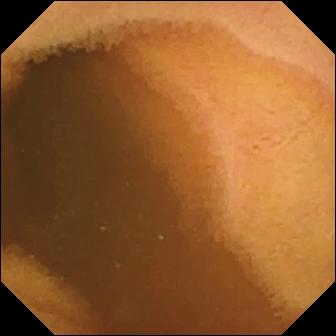Normal clean mucosa — video capsule endoscopy snapshot.